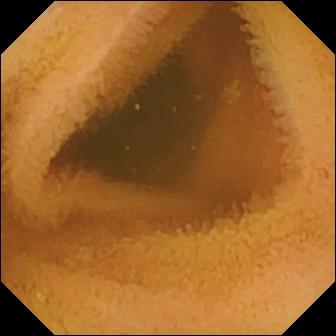VCE view, 336×336. Normal clean mucosa.